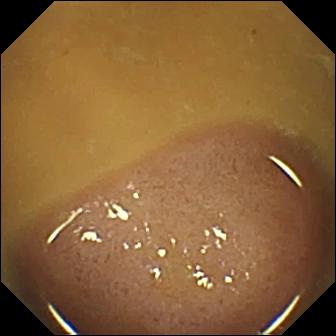Ileo-cecal valve region (the transition from the small bowel to the large bowel) — capsule endoscopy snapshot.